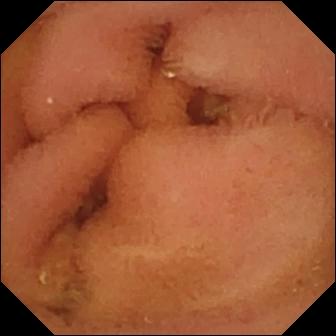VCE — normal clean mucosa.